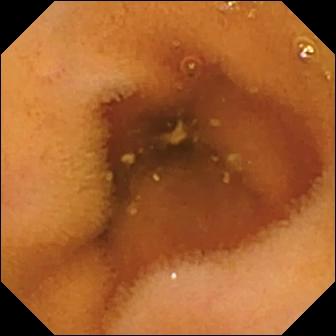Q: What does this VCE still of the small bowel show?
A: Normal clean mucosa.